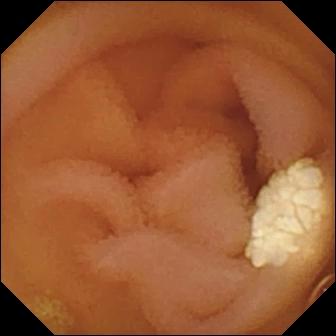{"modality": "small-bowel capsule endoscopy", "finding": "lymphangiectasia"}